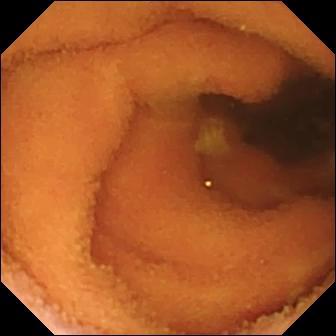- modality: small-bowel capsule endoscopy
- finding: normal clean mucosa